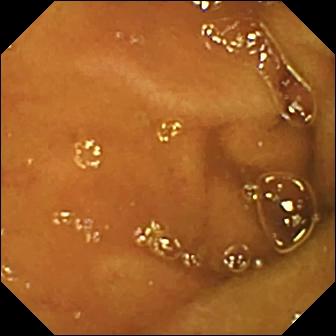{"modality": "small-bowel capsule endoscopy", "finding": "normal clean mucosa"}